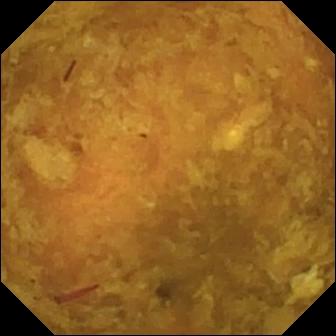- modality: capsule endoscopy
- finding: reduced mucosal view (content or bubbles obscuring the mucosa)